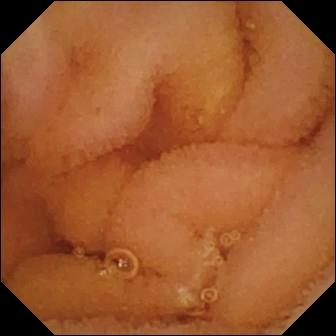Normal clean mucosa — capsule endoscopy snapshot of the small intestine.